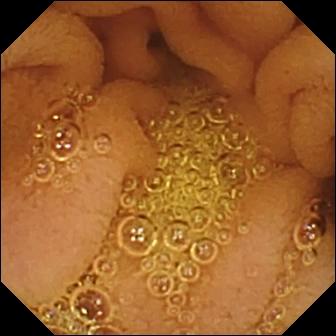VCE frame of the small intestine showing normal clean mucosa.